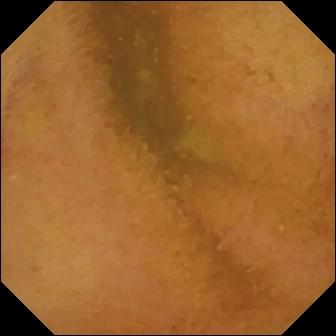{"modality": "video capsule endoscopy", "category": "luminal finding", "finding": "normal clean mucosa"}